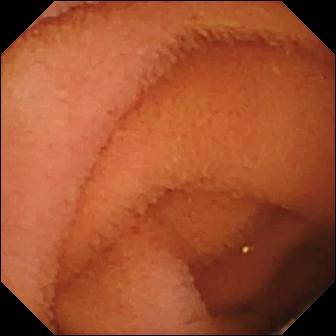Wireless capsule endoscopy image showing normal clean mucosa.